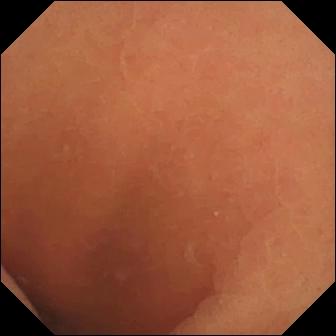- modality: video capsule endoscopy
- category: luminal finding
- label: normal clean mucosa